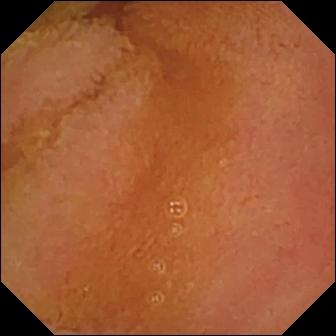Video capsule endoscopy still (small bowel). Normal clean mucosa.